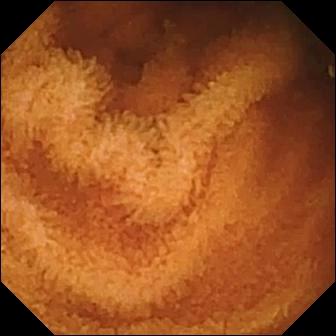Normal clean mucosa (336×336).